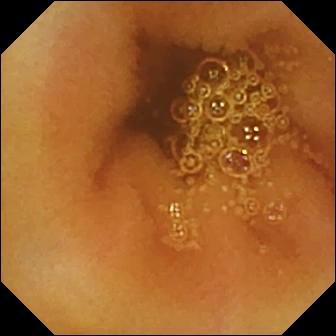Small-bowel capsule endoscopy snapshot showing normal clean mucosa.